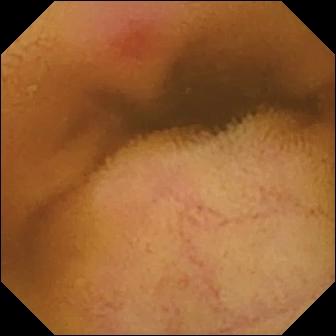Small-bowel capsule endoscopy view
Label: erythema (mucosal redness)